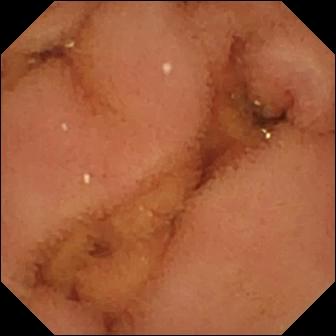Normal clean mucosa.